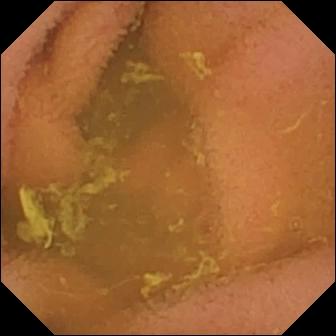VCE — normal clean mucosa.